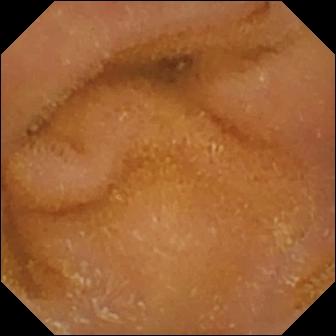VCE snapshot showing normal clean mucosa.